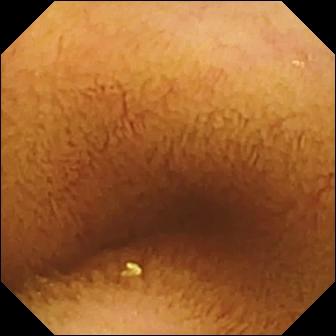Small-bowel capsule endoscopy image
Finding: normal clean mucosa